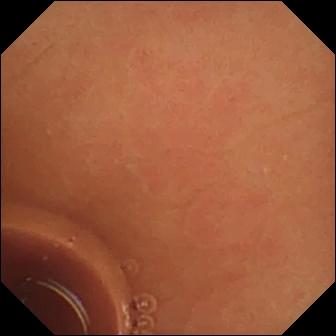PROCEDURE: WCE.
FINDINGS: Normal clean mucosa.